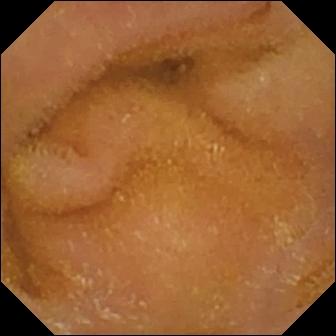Q: What does this WCE still of the small bowel show?
A: Normal clean mucosa.